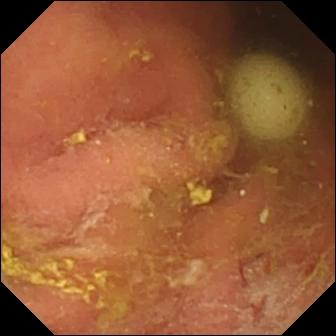{"modality": "video capsule endoscopy", "finding": "foreign body (e.g. retained capsule, tablet residue)"}